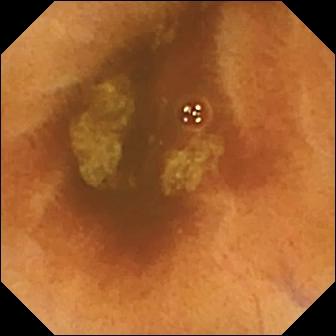VCE. Small intestine. Impression: normal clean mucosa.